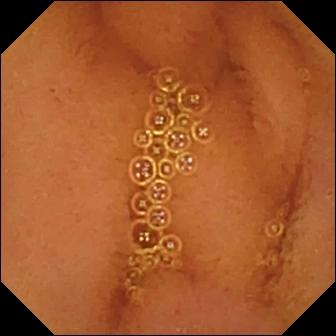Wireless capsule endoscopy frame, small intestine
Observation: normal clean mucosa